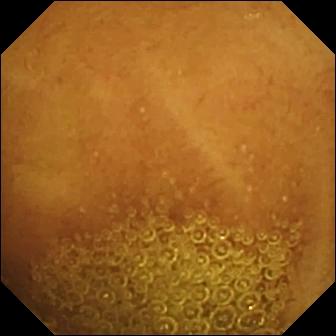PROCEDURE: Capsule endoscopy.
SEGMENT: Small bowel.
FINDINGS: Normal clean mucosa.